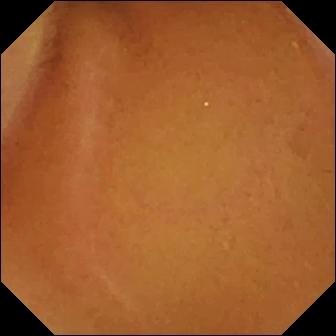WCE snapshot (small bowel), 336×336. Normal clean mucosa.